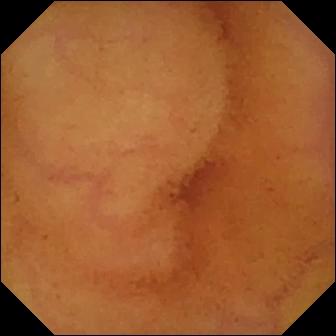{"modality": "capsule endoscopy", "segment": "small intestine", "finding": "normal clean mucosa"}